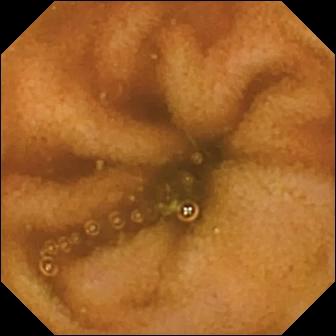PROCEDURE: Video capsule endoscopy.
FINDINGS: Normal clean mucosa.